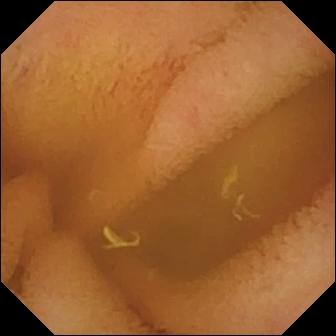Small-bowel capsule endoscopy image of the small bowel showing normal clean mucosa.